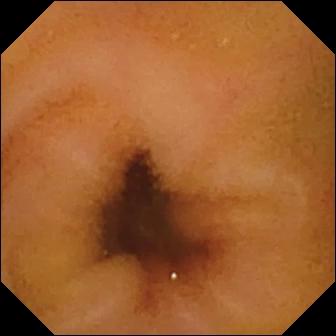WCE snapshot (small intestine). Normal clean mucosa.